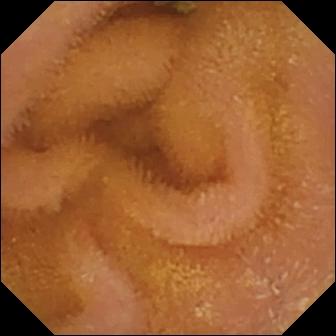Small-bowel capsule endoscopy. Finding: normal clean mucosa.